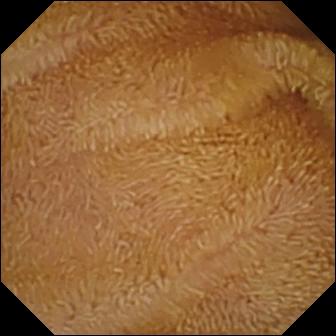Normal clean mucosa (336×336).